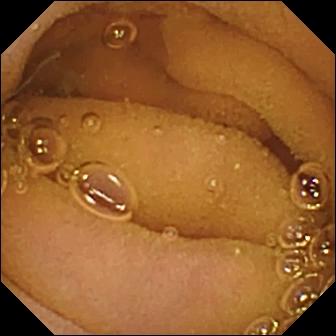- modality: video capsule endoscopy
- label: normal clean mucosa